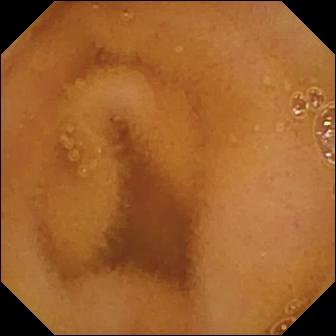Normal clean mucosa.